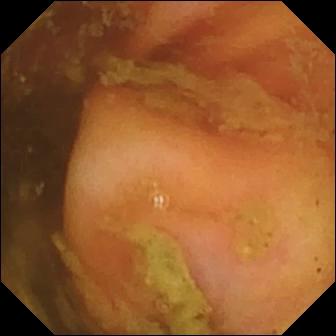Wireless capsule endoscopy image taken in the ileo-cecal valve region (where the capsule passes from the small bowel into the large bowel).